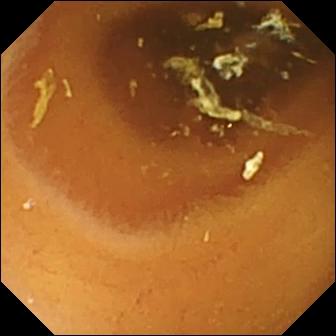Normal clean mucosa — VCE snapshot of the small bowel.